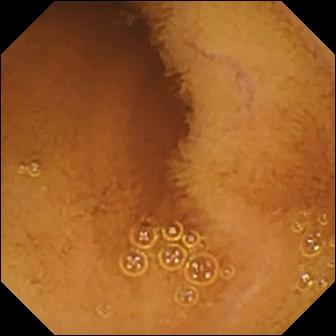VCE — normal clean mucosa.